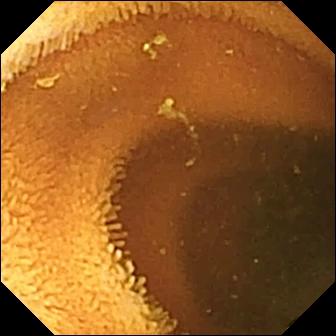modality: video capsule endoscopy; impression: normal clean mucosa